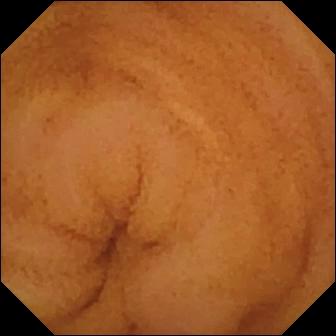Small-bowel capsule endoscopy. Finding: normal clean mucosa.